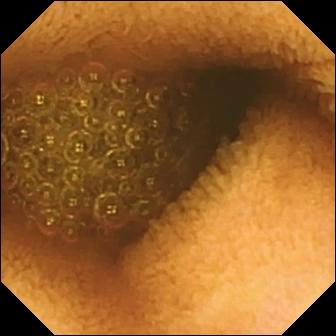{"modality": "video capsule endoscopy", "finding": "reduced mucosal view (content or bubbles obscuring the mucosa)"}